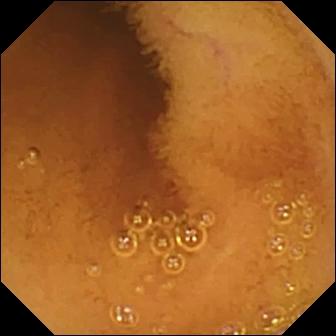Q: What does this capsule endoscopy snapshot show?
A: Normal clean mucosa.